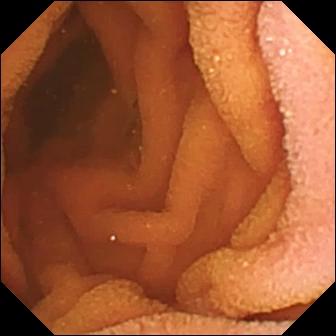modality: small-bowel capsule endoscopy; segment: small intestine; label: normal clean mucosa